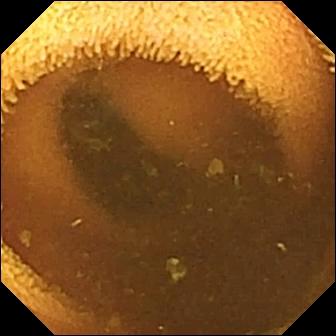{"modality": "small-bowel capsule endoscopy", "finding": "normal clean mucosa"}